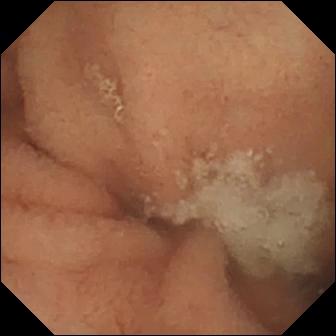Normal clean mucosa — capsule endoscopy snapshot.